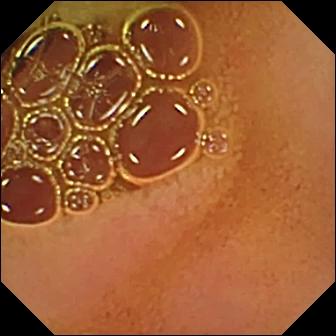Normal clean mucosa (336×336).